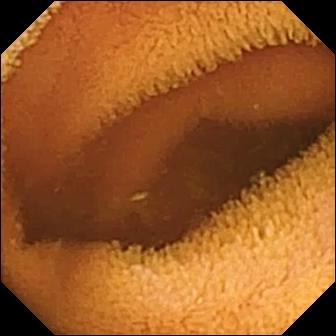PROCEDURE: WCE.
FINDINGS: Normal clean mucosa.